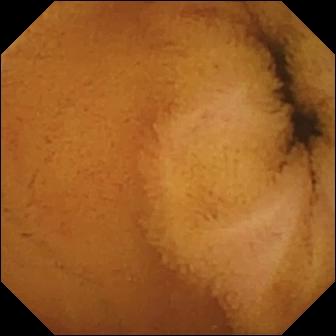Q: What does this video capsule endoscopy snapshot show?
A: Normal clean mucosa.